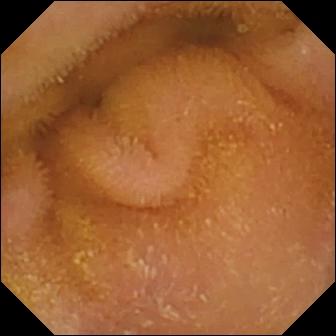Wireless capsule endoscopy snapshot (small intestine). Normal clean mucosa.